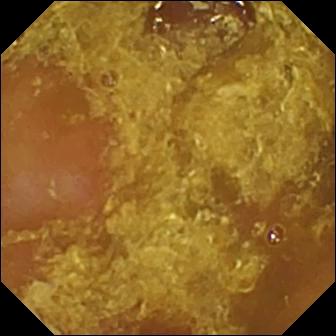Q: What does this capsule endoscopy snapshot of the small bowel show?
A: Reduced mucosal view (content or bubbles obscuring the mucosa).